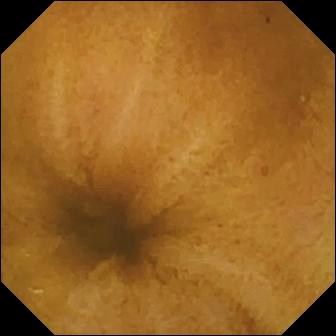{"modality": "small-bowel capsule endoscopy", "finding": "normal clean mucosa"}